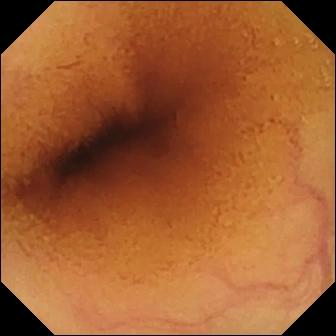Capsule endoscopy — normal clean mucosa.